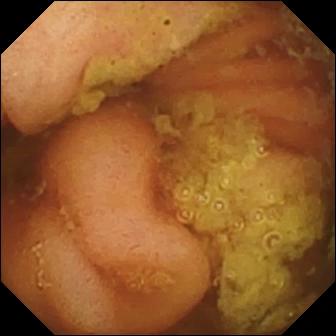modality: WCE; label: ileo-cecal valve region (where the capsule passes from the small bowel into the large bowel)